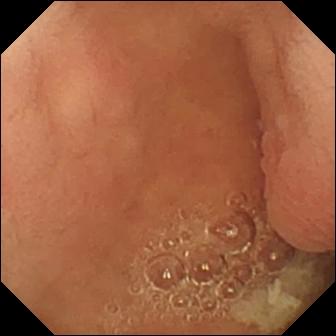Pylorus region — video capsule endoscopy snapshot.